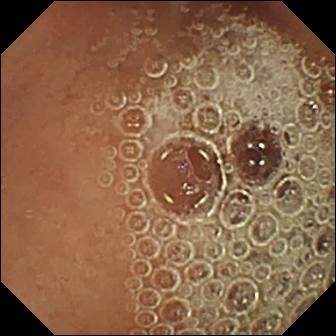This WCE still shows normal clean mucosa.